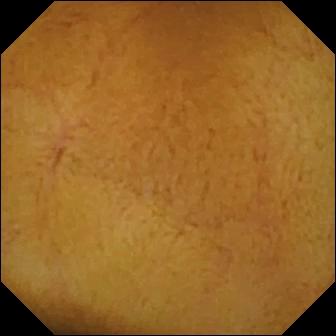Normal clean mucosa — video capsule endoscopy frame.